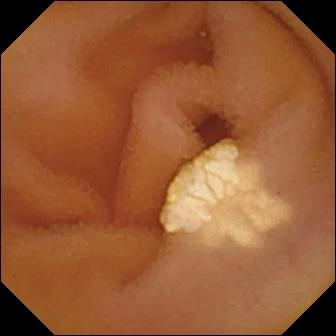Lymphangiectasia — WCE snapshot.